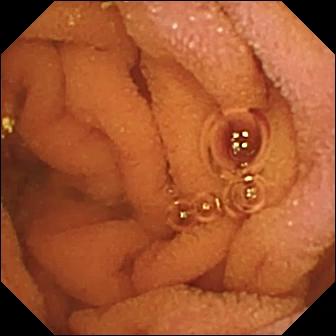modality: VCE | observation: normal clean mucosa